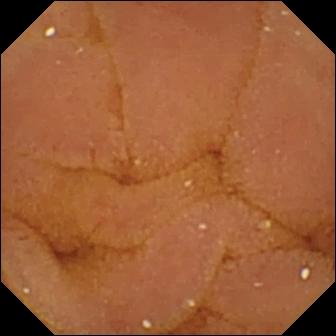Wireless capsule endoscopy. Small intestine. Observation: normal clean mucosa.